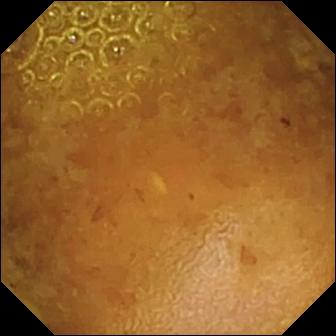This capsule endoscopy still of the small intestine shows reduced mucosal view (content or bubbles obscuring the mucosa).